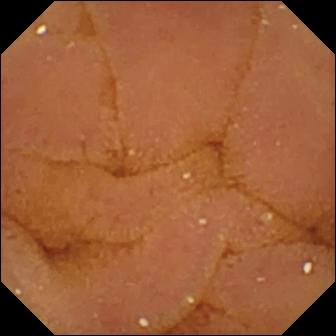- modality: capsule endoscopy
- impression: normal clean mucosa